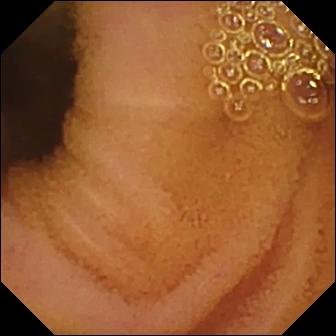This small-bowel capsule endoscopy still of the small bowel shows normal clean mucosa.